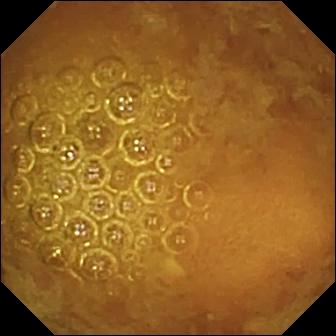{"modality": "capsule endoscopy", "segment": "small intestine", "finding": "reduced mucosal view (content or bubbles obscuring the mucosa)"}